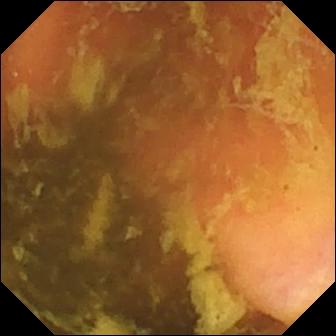Video capsule endoscopy — ileo-cecal valve region.